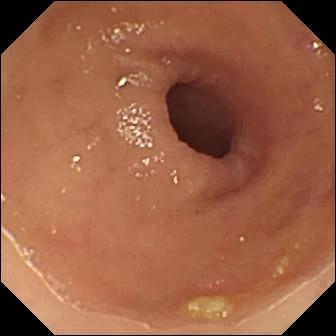modality: capsule endoscopy; category: luminal finding; impression: ulcer